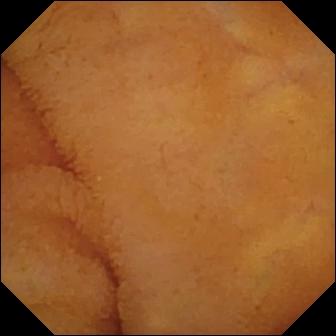modality: video capsule endoscopy; label: normal clean mucosa